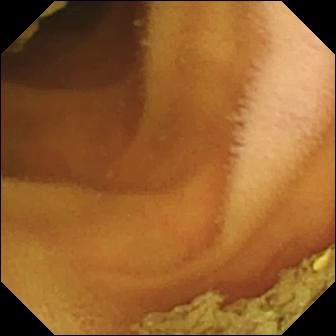WCE frame of the small bowel showing normal clean mucosa.